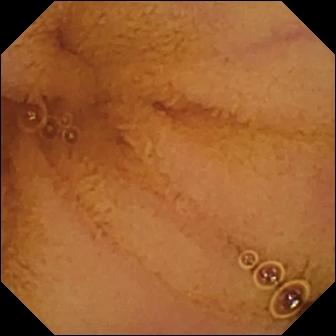modality: VCE | category: luminal finding | observation: normal clean mucosa